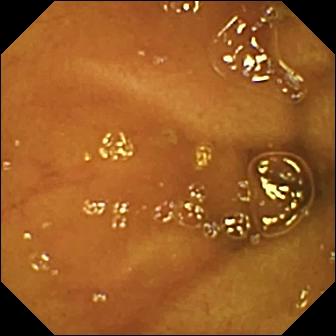Capsule endoscopy. Luminal finding. Impression: normal clean mucosa.